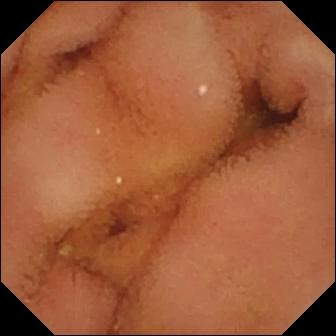PROCEDURE: Small-bowel capsule endoscopy.
FINDINGS: Normal clean mucosa.